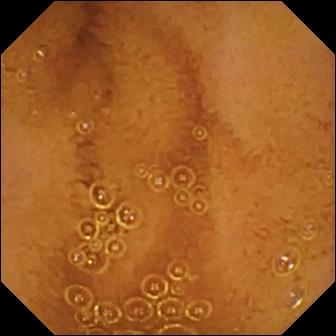VCE still showing normal clean mucosa.